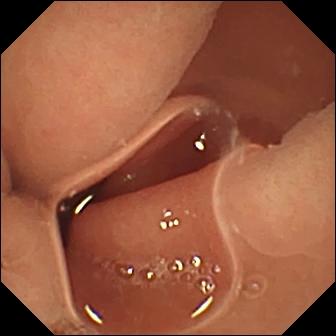- modality: capsule endoscopy
- finding: normal clean mucosa